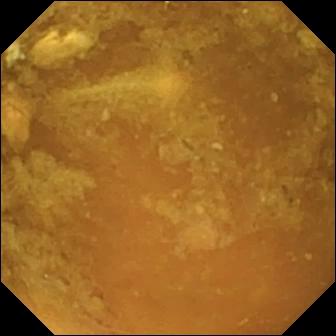Reduced mucosal view (content or bubbles obscuring the mucosa) (336×336).